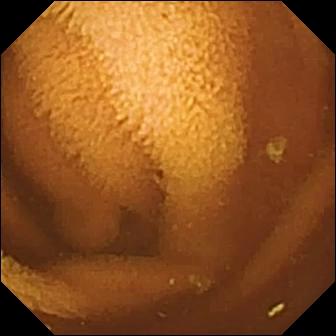This wireless capsule endoscopy still of the small bowel shows normal clean mucosa.